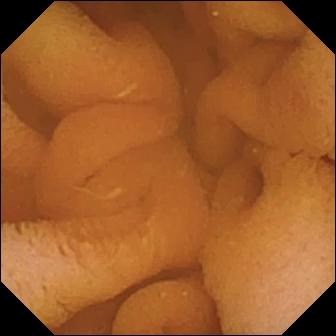Video capsule endoscopy frame showing normal clean mucosa.